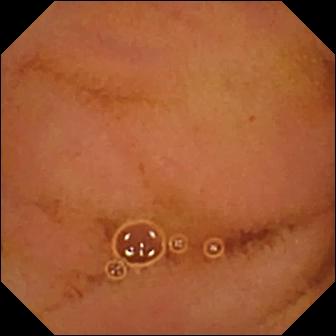- modality: VCE
- segment: small intestine
- category: luminal finding
- impression: normal clean mucosa